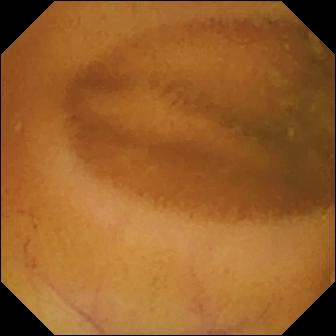Q: What does this video capsule endoscopy snapshot of the small intestine show?
A: Normal clean mucosa.